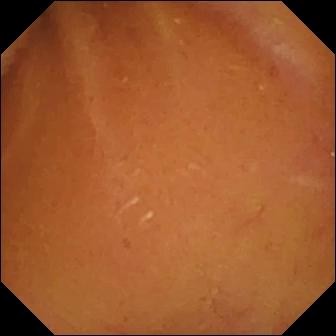VCE still, small intestine
Finding: normal clean mucosa